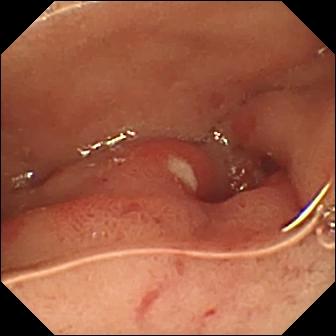- modality: small-bowel capsule endoscopy
- category: luminal finding
- finding: ulcer